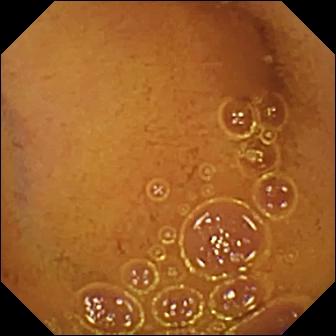Wireless capsule endoscopy — normal clean mucosa.